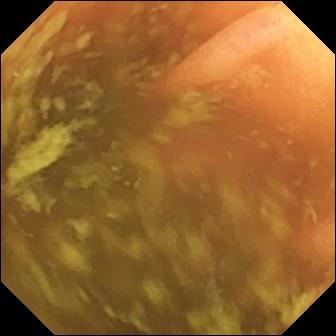- modality: wireless capsule endoscopy
- label: ileo-cecal valve region (the transition from the small bowel to the large bowel)